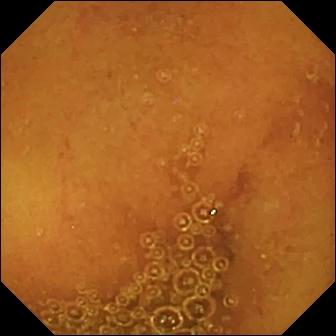{"modality": "VCE", "segment": "small intestine", "category": "luminal finding", "finding": "normal clean mucosa"}